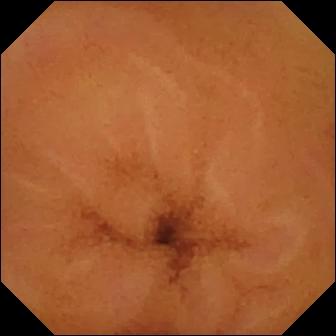Normal clean mucosa (336×336).